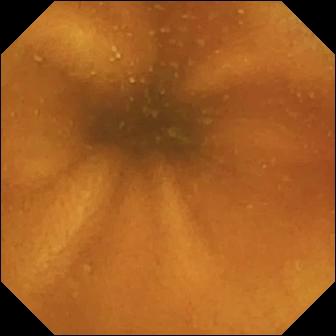{"modality": "capsule endoscopy", "category": "luminal finding", "finding": "normal clean mucosa"}